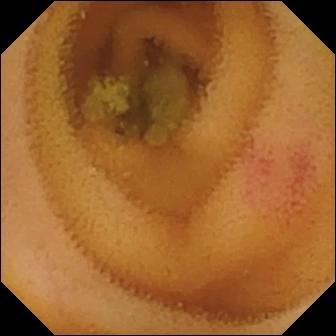PROCEDURE: Small-bowel capsule endoscopy.
FINDINGS: Angiectasia.